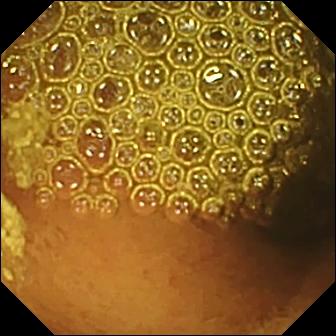{"modality": "wireless capsule endoscopy", "segment": "small bowel", "finding": "reduced mucosal view (content or bubbles obscuring the mucosa)"}